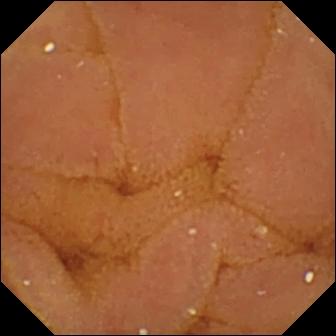Normal clean mucosa.